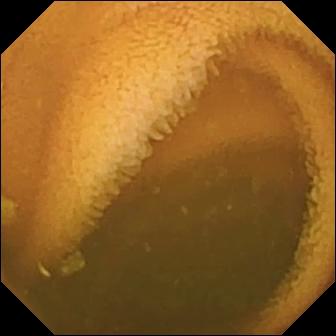PROCEDURE: Small-bowel capsule endoscopy.
SEGMENT: Small intestine.
FINDINGS: Normal clean mucosa.